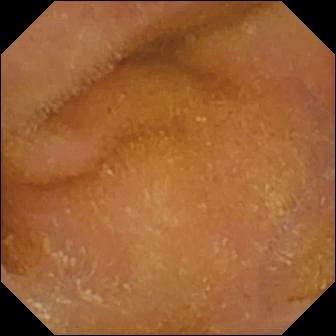Video capsule endoscopy still, small bowel
Observation: normal clean mucosa